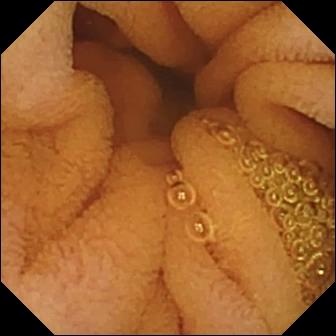- modality: video capsule endoscopy
- segment: small bowel
- observation: normal clean mucosa